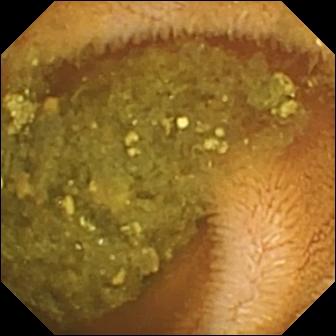Reduced mucosal view (content or bubbles obscuring the mucosa).